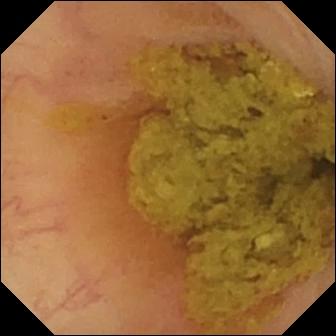This capsule endoscopy frame was taken in the ileo-cecal valve region.